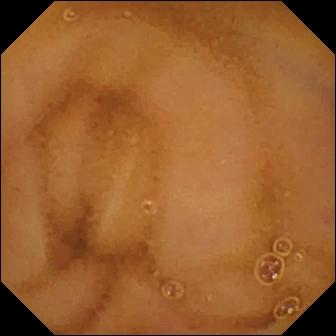Normal clean mucosa — small-bowel capsule endoscopy still of the small bowel.